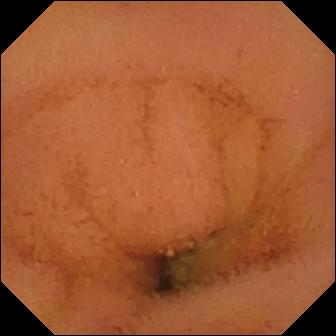Normal clean mucosa — small-bowel capsule endoscopy still.